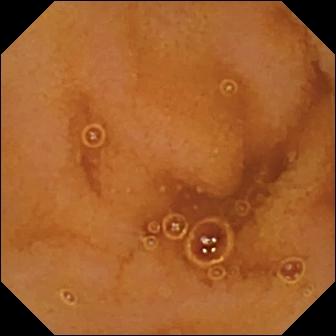PROCEDURE: WCE.
SEGMENT: Small bowel.
FINDINGS: Normal clean mucosa.